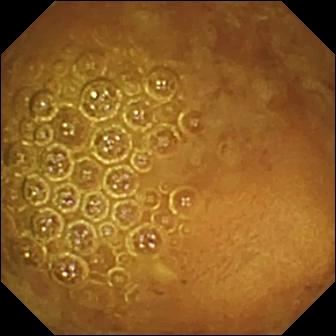modality: VCE
label: reduced mucosal view (content or bubbles obscuring the mucosa)